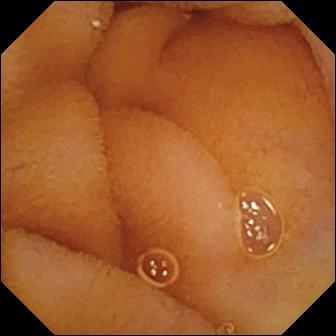- modality: VCE
- finding: normal clean mucosa